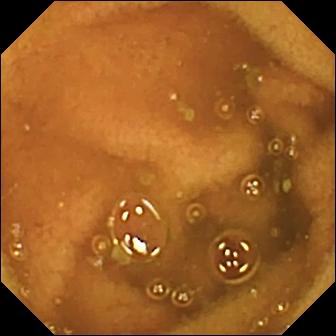WCE view showing normal clean mucosa.